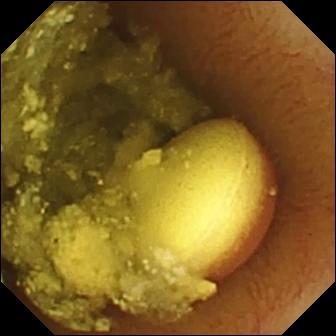Wireless capsule endoscopy. Impression: foreign body (e.g. retained capsule, tablet residue).